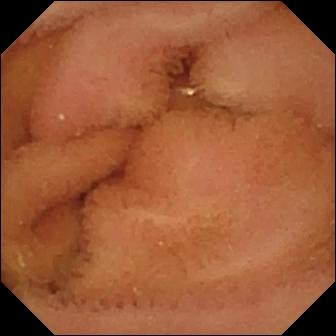VCE — normal clean mucosa.